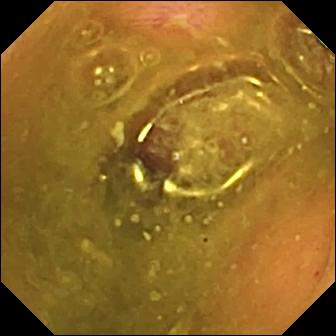{"modality": "video capsule endoscopy", "finding": "erosion"}